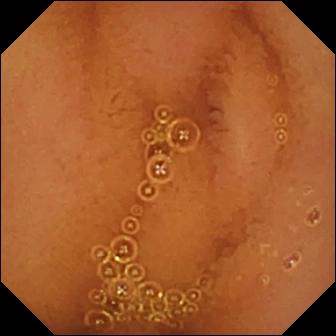PROCEDURE: Capsule endoscopy.
SEGMENT: Small intestine.
FINDINGS: Normal clean mucosa.